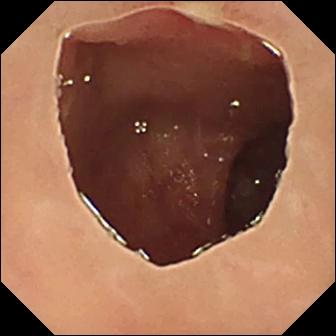Video capsule endoscopy image. Ulcer.